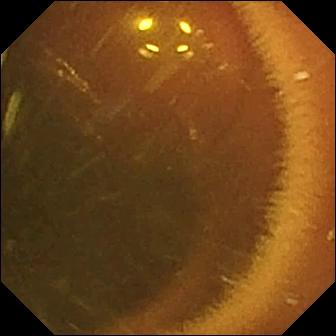WCE snapshot of the small bowel showing normal clean mucosa.